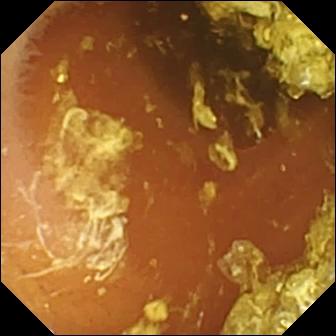VCE — normal clean mucosa.